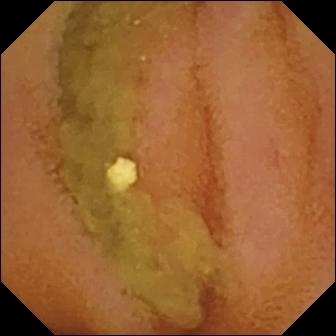Q: What does this WCE frame show?
A: Normal clean mucosa.